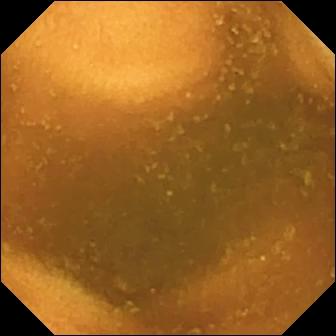VCE — normal clean mucosa.